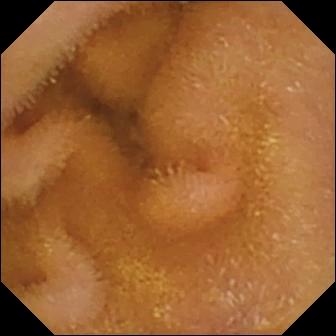Capsule endoscopy — normal clean mucosa.